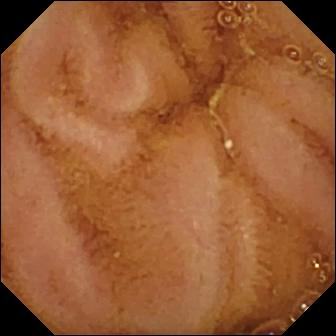Video capsule endoscopy — normal clean mucosa.